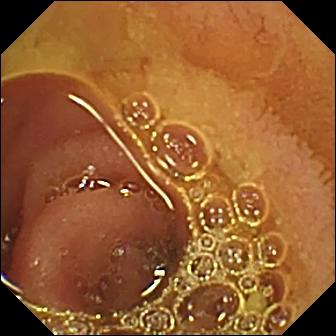PROCEDURE: Small-bowel capsule endoscopy.
FINDINGS: Normal clean mucosa.